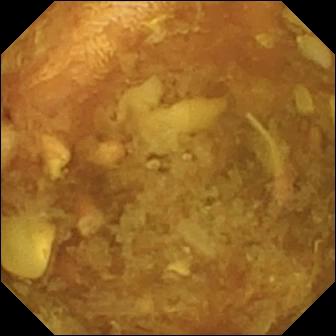This video capsule endoscopy image shows reduced mucosal view (content or bubbles obscuring the mucosa).